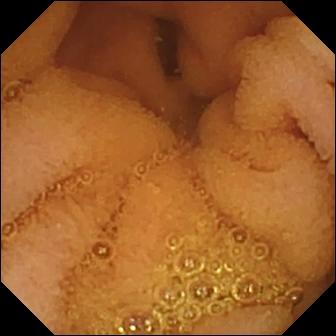This wireless capsule endoscopy still of the small intestine shows normal clean mucosa.